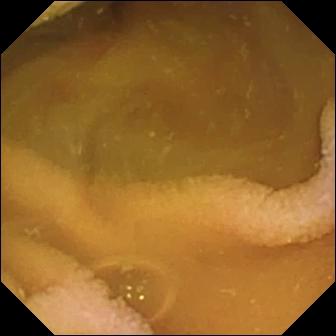modality: WCE | segment: small intestine | category: luminal finding | observation: normal clean mucosa